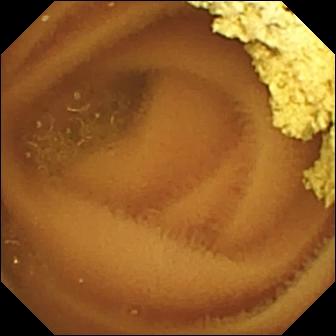{"modality": "WCE", "finding": "normal clean mucosa"}